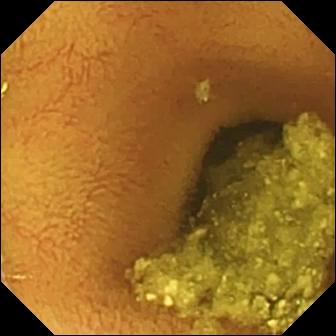WCE snapshot showing normal clean mucosa.